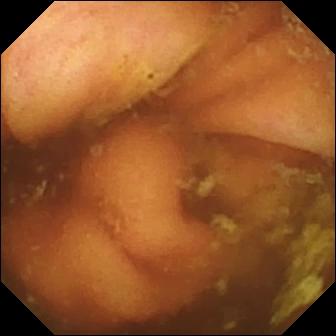modality: capsule endoscopy | video segment: ileo-cecal valve region (the transition from the small bowel to the large bowel)